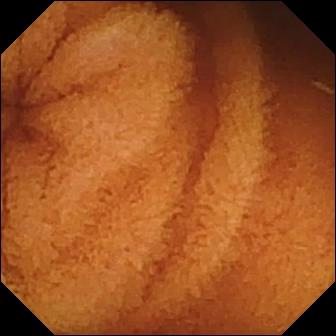WCE frame, small intestine
Impression: normal clean mucosa